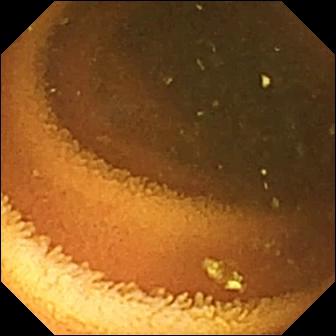modality: VCE | segment: small bowel | impression: normal clean mucosa